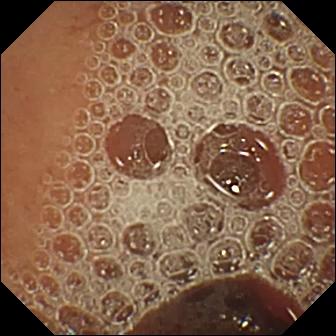Capsule endoscopy — normal clean mucosa.